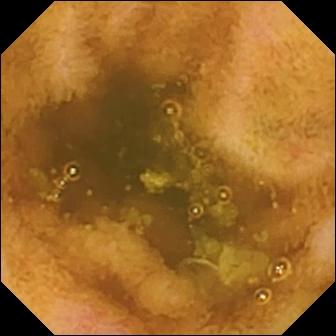modality: VCE
category: luminal finding
label: erosion